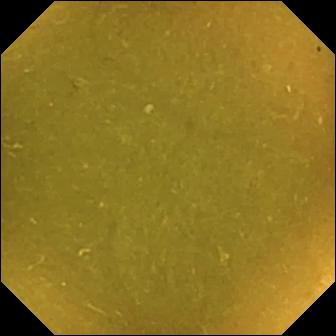Small-bowel capsule endoscopy image. Taken in the ileo-cecal valve region (where the capsule passes from the small bowel into the large bowel).